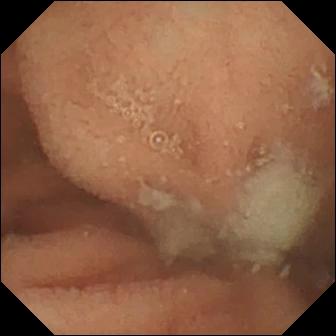VCE frame. Normal clean mucosa.